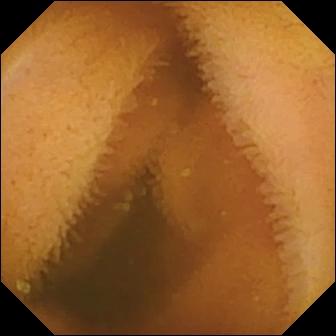Normal clean mucosa — small-bowel capsule endoscopy frame of the small intestine.